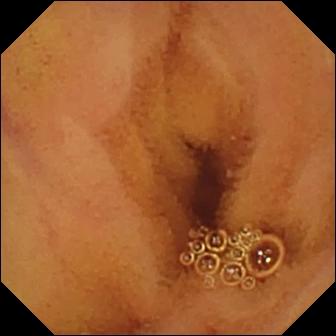PROCEDURE: Capsule endoscopy.
SEGMENT: Small intestine.
FINDINGS: Normal clean mucosa.